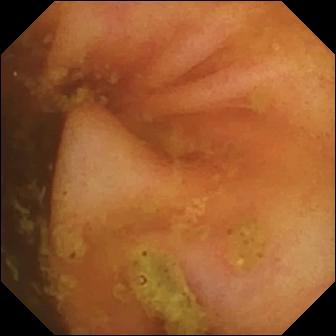Ileo-cecal valve region (the transition from the small bowel to the large bowel) — video capsule endoscopy view.